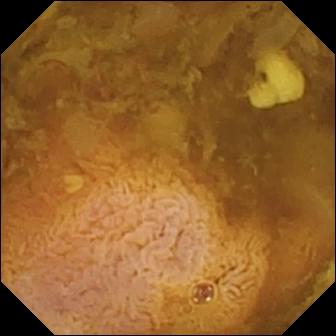Wireless capsule endoscopy. Small intestine. Finding: reduced mucosal view (content or bubbles obscuring the mucosa).